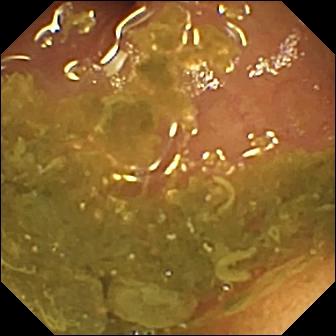Ileo-cecal valve region.